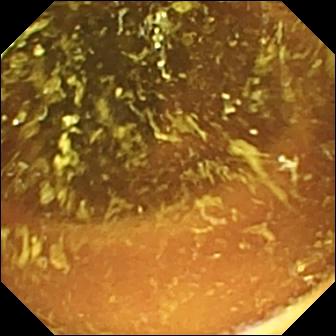Video capsule endoscopy. Small intestine. Impression: normal clean mucosa.